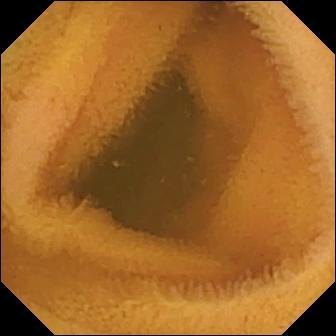This capsule endoscopy image of the small intestine shows normal clean mucosa.